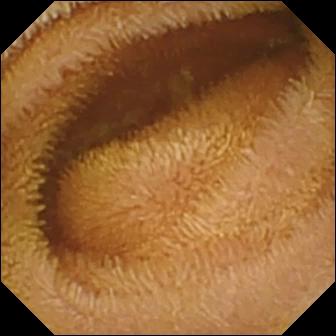VCE still of the small bowel showing normal clean mucosa.